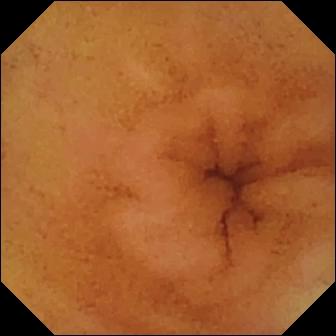Small-bowel capsule endoscopy image (small intestine). Normal clean mucosa.